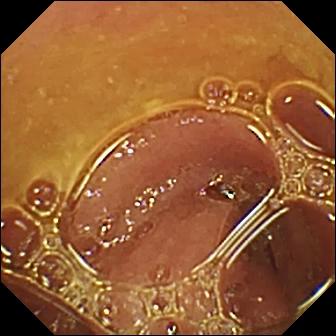Wireless capsule endoscopy view showing normal clean mucosa.